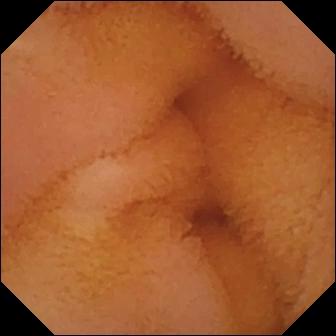Normal clean mucosa — video capsule endoscopy still of the small intestine.